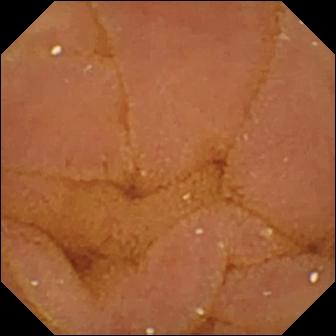Normal clean mucosa (336×336).